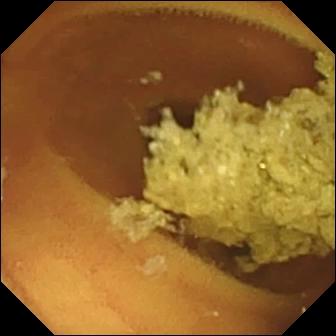VCE image, small bowel
Observation: normal clean mucosa